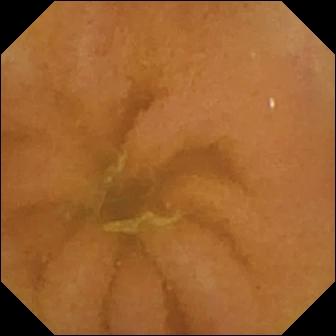Normal clean mucosa — capsule endoscopy still.